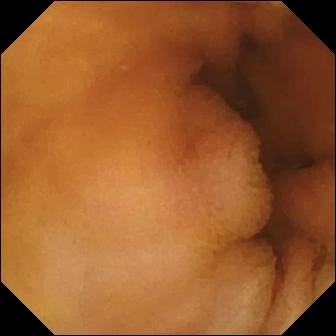Q: What does this capsule endoscopy frame of the small bowel show?
A: Normal clean mucosa.